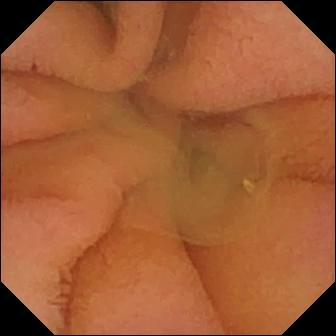Capsule endoscopy. Luminal finding. Observation: normal clean mucosa.